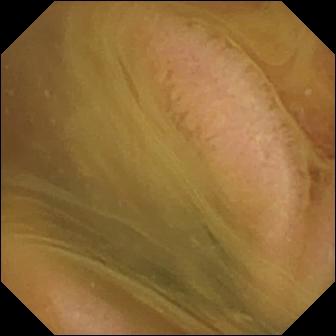Video capsule endoscopy snapshot showing normal clean mucosa.